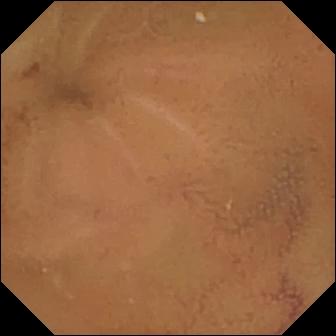This VCE image shows normal clean mucosa.